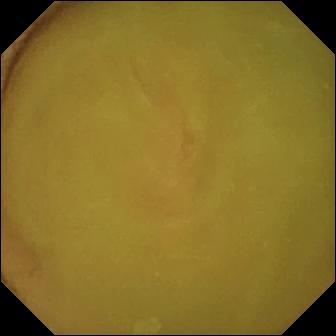Normal clean mucosa — VCE view of the small intestine.